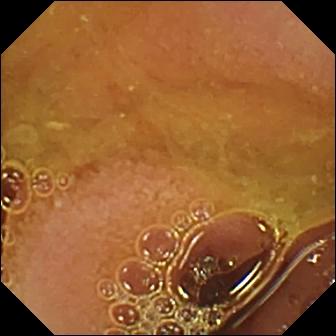- modality: capsule endoscopy
- label: normal clean mucosa